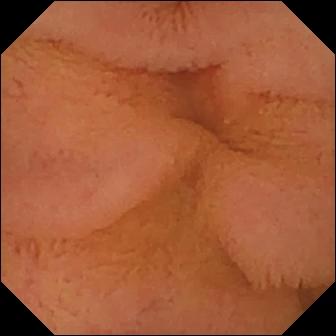Small-bowel capsule endoscopy — normal clean mucosa.